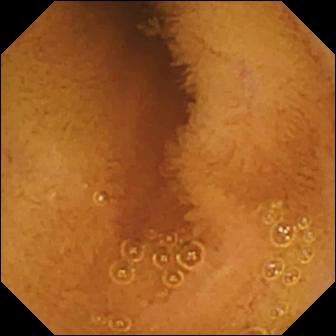PROCEDURE: Wireless capsule endoscopy.
FINDINGS: Normal clean mucosa.